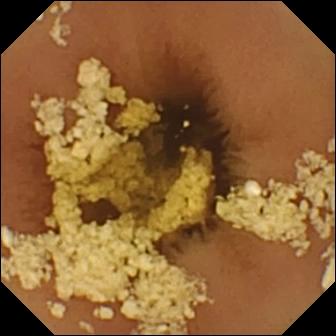modality: capsule endoscopy; segment: small bowel; observation: normal clean mucosa